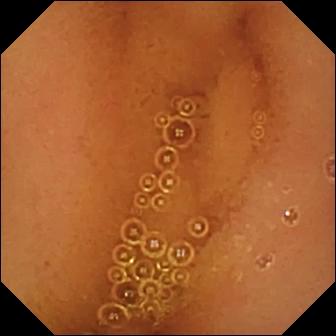PROCEDURE: Wireless capsule endoscopy.
SEGMENT: Small bowel.
FINDINGS: Normal clean mucosa.